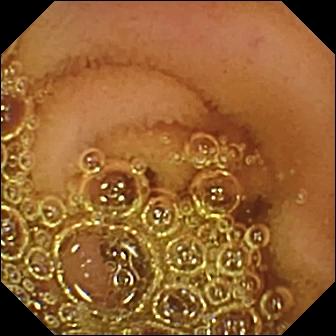modality: video capsule endoscopy; category: luminal finding; observation: normal clean mucosa